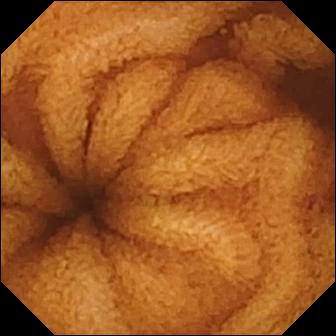VCE view (small intestine). Normal clean mucosa.